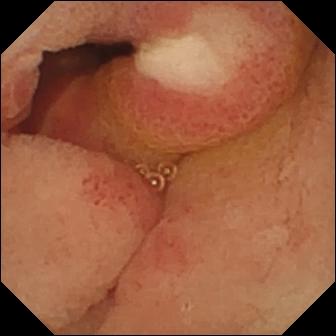Ulcer.